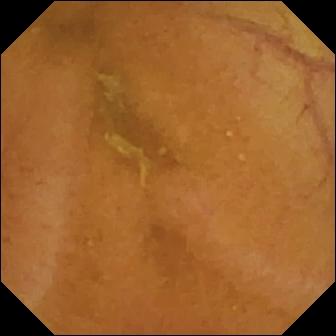PROCEDURE: Small-bowel capsule endoscopy.
SEGMENT: Small bowel.
FINDINGS: Normal clean mucosa.